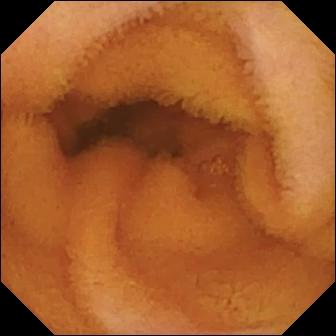modality: VCE
finding: normal clean mucosa